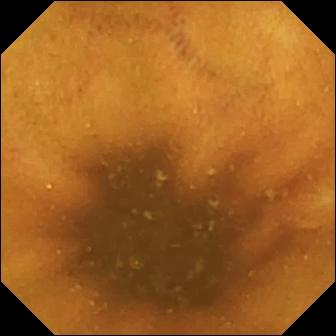This wireless capsule endoscopy snapshot of the small intestine shows normal clean mucosa.